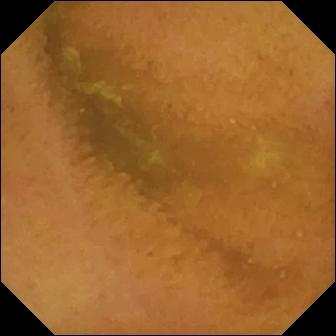This wireless capsule endoscopy still shows normal clean mucosa.